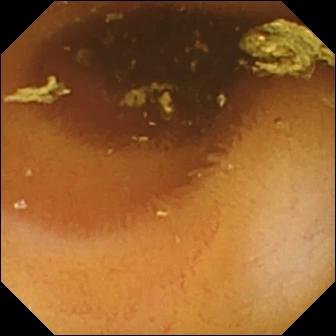modality: small-bowel capsule endoscopy | finding: normal clean mucosa